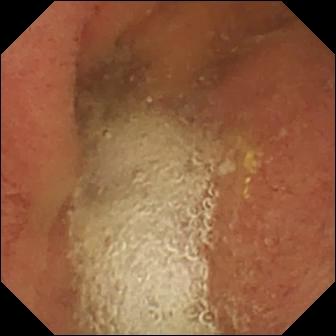Q: Where in the digestive tract was this wireless capsule endoscopy snapshot taken?
A: Pylorus region (where the capsule passes from the stomach into the small bowel).